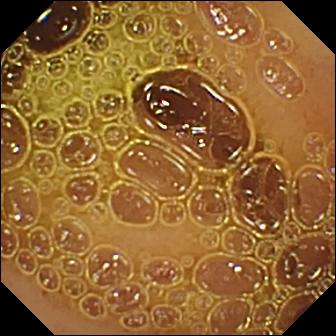Q: What does this VCE view show?
A: Normal clean mucosa.